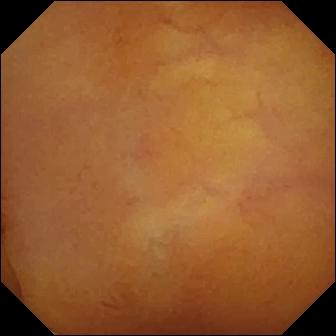PROCEDURE: Capsule endoscopy.
SEGMENT: Small bowel.
FINDINGS: Normal clean mucosa.